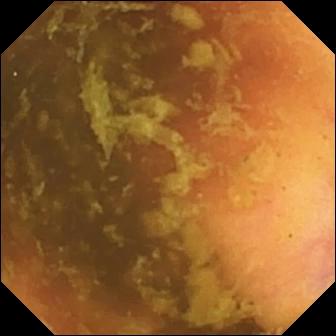Video capsule endoscopy — ileo-cecal valve region (the transition from the small bowel to the large bowel).